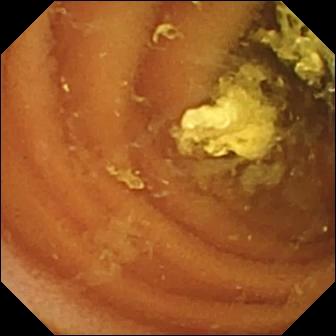WCE view
Finding: normal clean mucosa